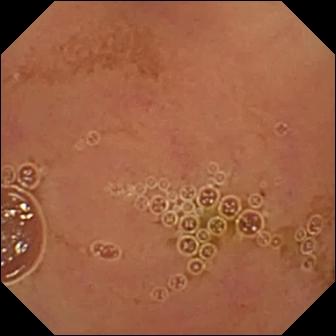{"modality": "small-bowel capsule endoscopy", "finding": "normal clean mucosa"}